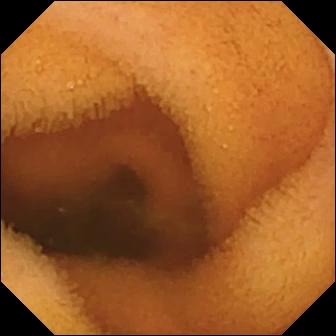WCE — normal clean mucosa.